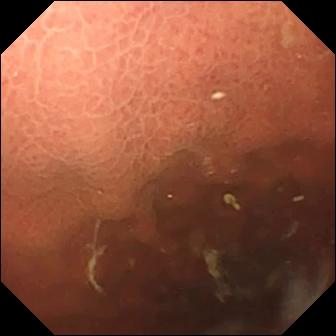Capsule endoscopy. Label: pylorus region (where the capsule passes from the stomach into the small bowel).